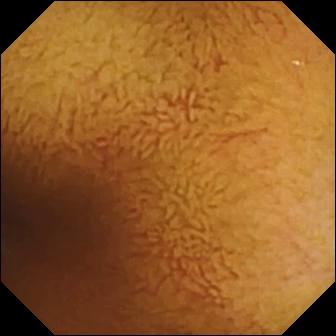WCE frame showing normal clean mucosa.